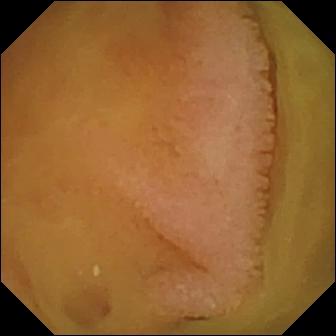- modality: wireless capsule endoscopy
- segment: small bowel
- category: luminal finding
- impression: normal clean mucosa